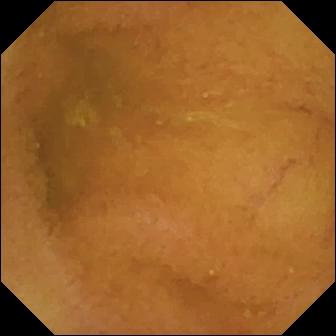Normal clean mucosa.